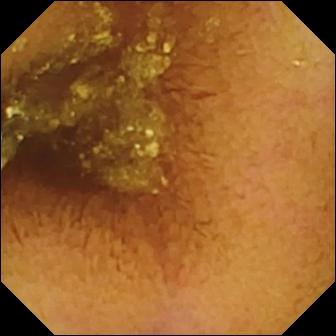WCE frame showing normal clean mucosa.